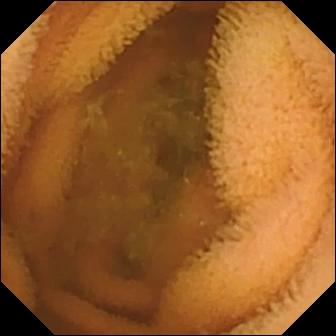Capsule endoscopy frame (small intestine). Normal clean mucosa.